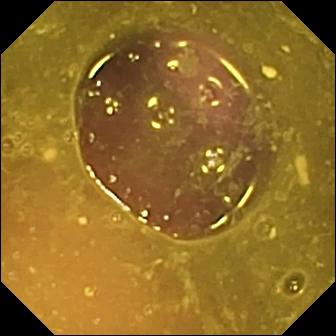This small-bowel capsule endoscopy still shows reduced mucosal view (content or bubbles obscuring the mucosa).